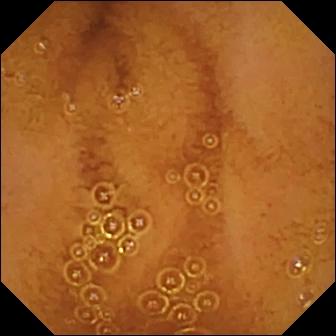Video capsule endoscopy frame, small intestine
Finding: normal clean mucosa